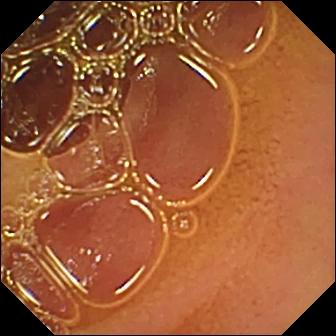WCE snapshot, small intestine
Observation: normal clean mucosa